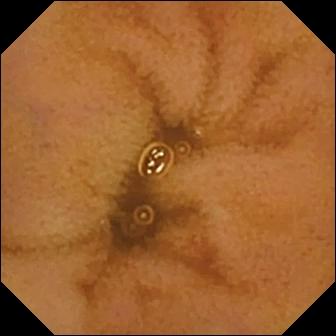modality: wireless capsule endoscopy
impression: normal clean mucosa